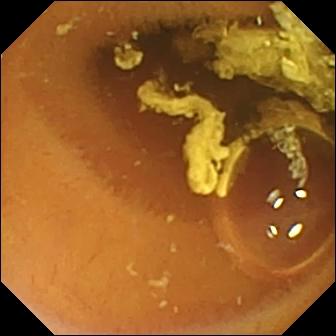{"modality": "video capsule endoscopy", "finding": "normal clean mucosa"}